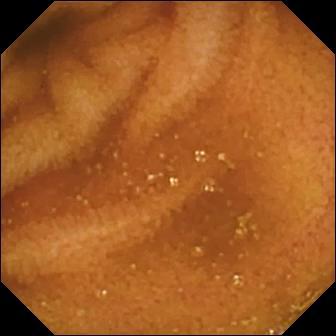modality: WCE; label: normal clean mucosa